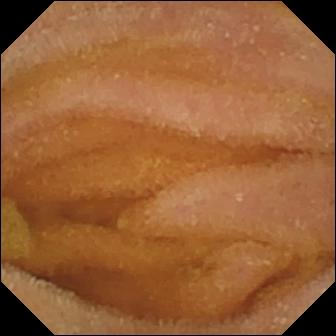- modality: wireless capsule endoscopy
- segment: small bowel
- label: normal clean mucosa